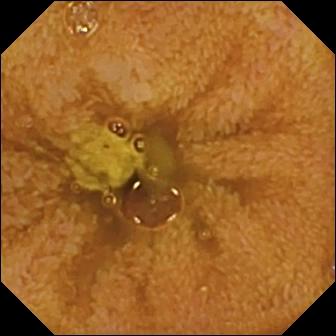Q: Where in the digestive tract was this capsule endoscopy image taken?
A: Ileo-cecal valve region (where the capsule passes from the small bowel into the large bowel).